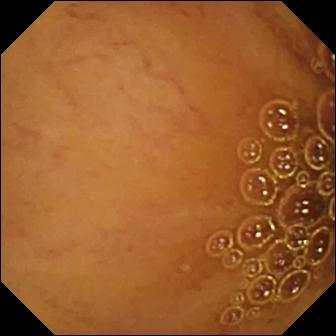VCE — normal clean mucosa.